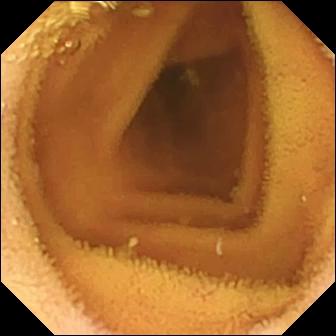Normal clean mucosa — WCE frame.